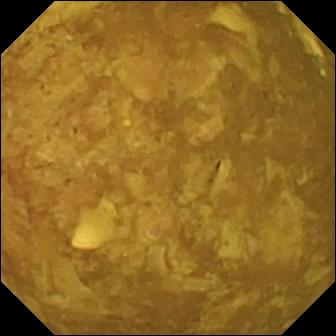WCE — reduced mucosal view (content or bubbles obscuring the mucosa).